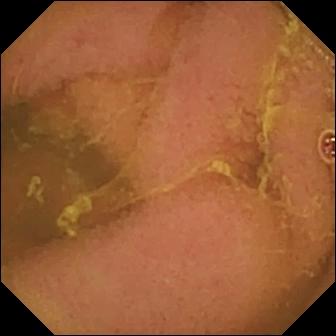modality: wireless capsule endoscopy
label: normal clean mucosa